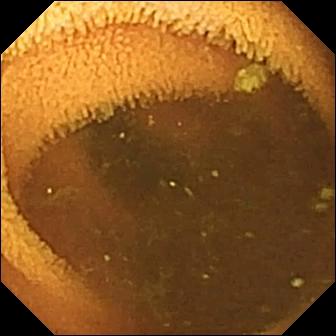Video capsule endoscopy — normal clean mucosa.